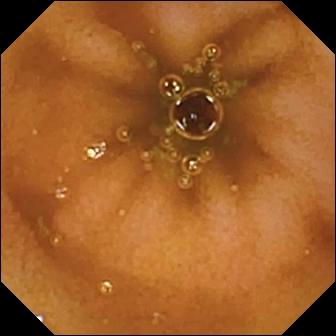WCE frame showing normal clean mucosa.